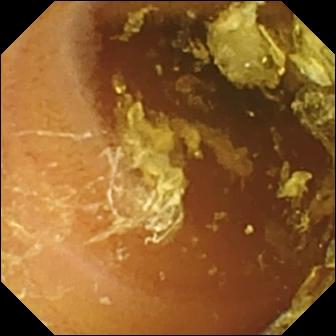{"modality": "capsule endoscopy", "category": "luminal finding", "finding": "normal clean mucosa"}